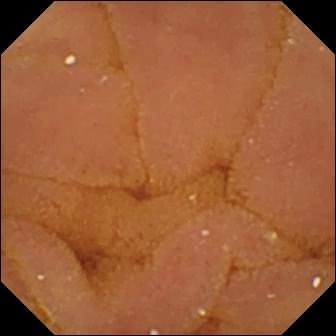Wireless capsule endoscopy still, small bowel
Label: normal clean mucosa